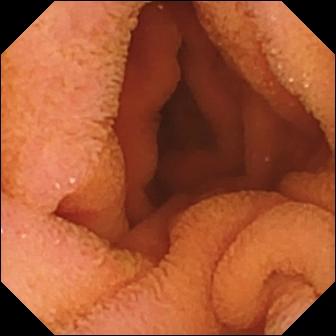PROCEDURE: Video capsule endoscopy.
SEGMENT: Small intestine.
FINDINGS: Normal clean mucosa.